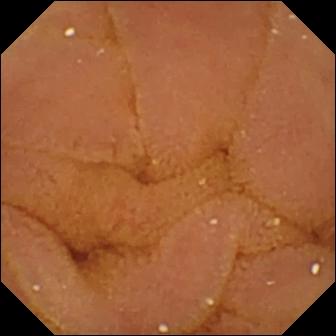{"modality": "small-bowel capsule endoscopy", "segment": "small intestine", "finding": "normal clean mucosa"}